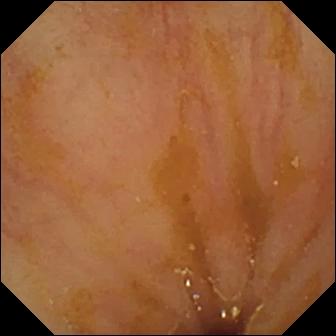Ileo-cecal valve region (where the capsule passes from the small bowel into the large bowel).